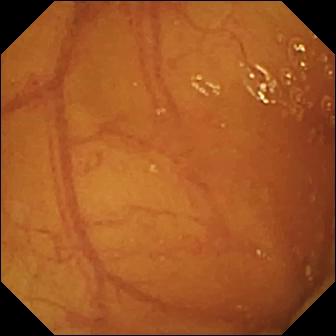- modality: video capsule endoscopy
- label: ileo-cecal valve region (the transition from the small bowel to the large bowel)